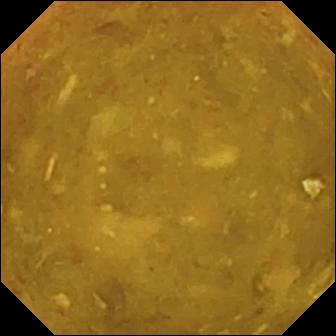Q: What does this WCE view show?
A: Reduced mucosal view (content or bubbles obscuring the mucosa).